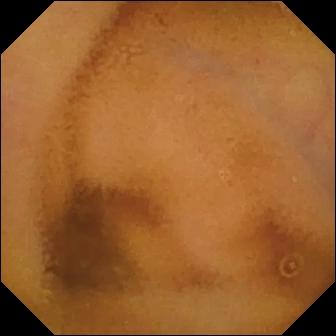Normal clean mucosa.